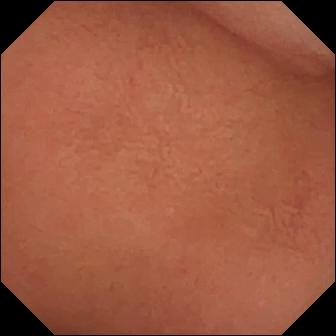Pylorus region — VCE image.